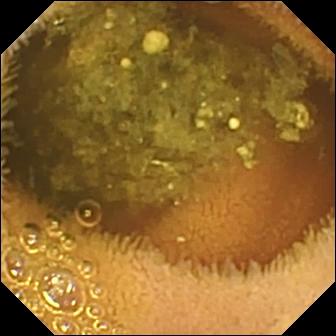PROCEDURE: VCE.
FINDINGS: Reduced mucosal view (content or bubbles obscuring the mucosa).